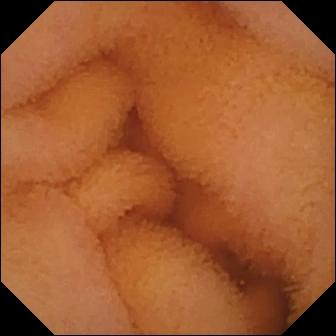PROCEDURE: WCE.
SEGMENT: Small intestine.
FINDINGS: Normal clean mucosa.